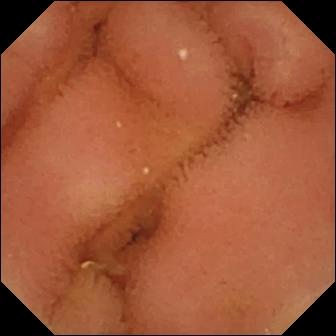Normal clean mucosa — video capsule endoscopy frame.